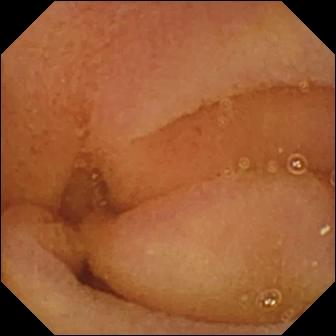Normal clean mucosa — wireless capsule endoscopy snapshot.